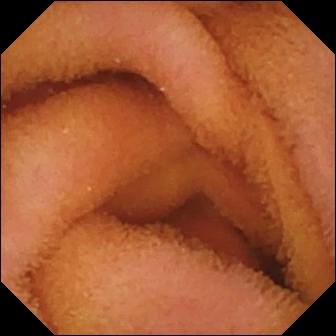This VCE snapshot of the small bowel shows normal clean mucosa.